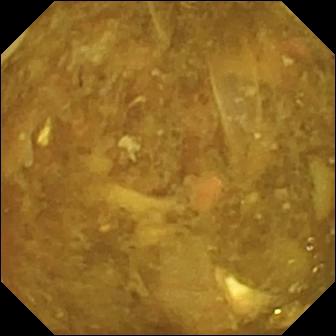Reduced mucosal view (content or bubbles obscuring the mucosa) — capsule endoscopy image.